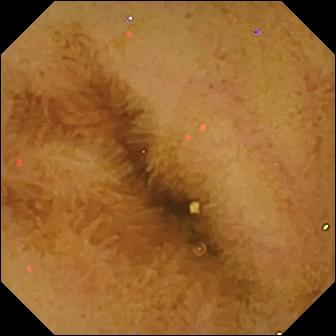- modality: capsule endoscopy
- finding: normal clean mucosa